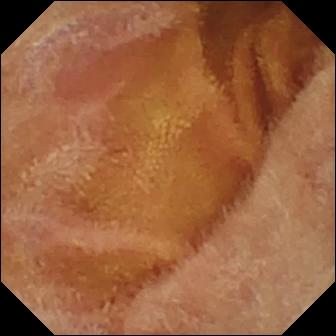{"modality": "capsule endoscopy", "segment": "small bowel", "category": "luminal finding", "finding": "normal clean mucosa"}